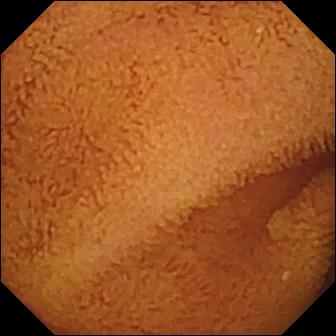Normal clean mucosa.